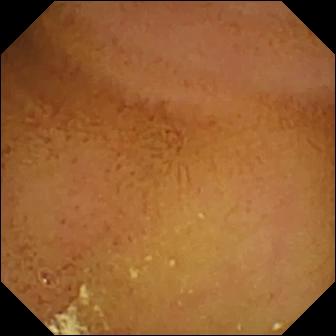{"modality": "small-bowel capsule endoscopy", "segment": "small intestine", "category": "luminal finding", "finding": "normal clean mucosa"}